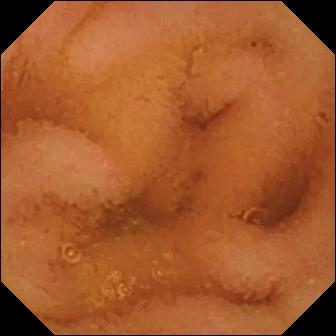PROCEDURE: WCE.
FINDINGS: Normal clean mucosa.